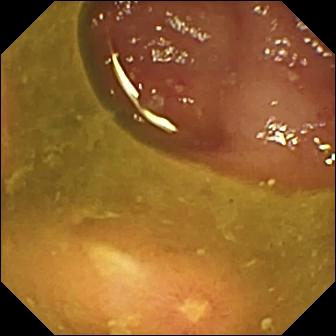PROCEDURE: Wireless capsule endoscopy.
FINDINGS: Ulcer.